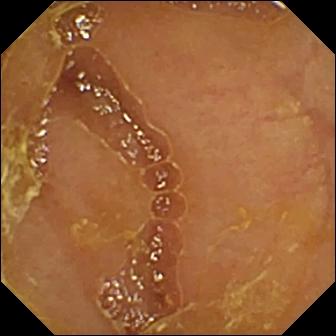WCE. Observation: reduced mucosal view (content or bubbles obscuring the mucosa).